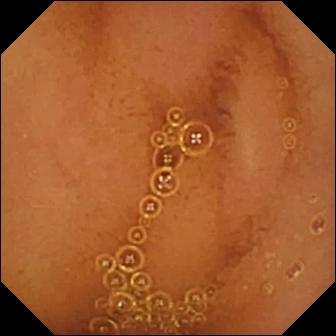modality: VCE
segment: small intestine
category: luminal finding
impression: normal clean mucosa